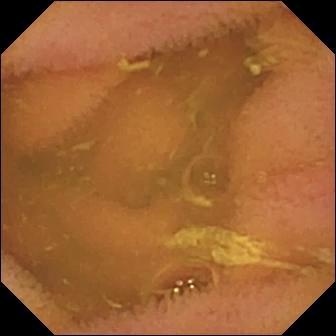modality: VCE
impression: normal clean mucosa